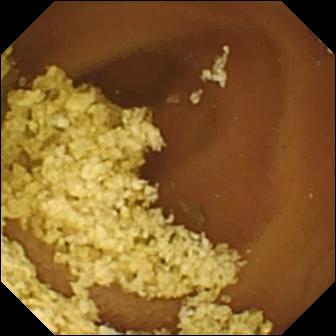modality: WCE | segment: small intestine | category: luminal finding | label: normal clean mucosa